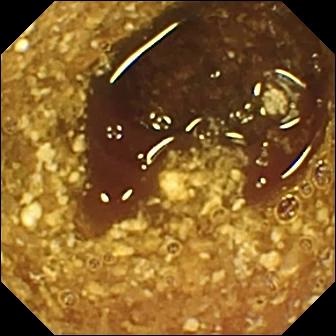Reduced mucosal view (content or bubbles obscuring the mucosa) — VCE still.